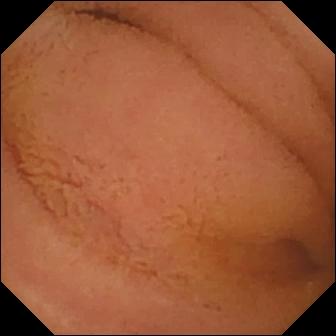{"modality": "VCE", "finding": "normal clean mucosa"}